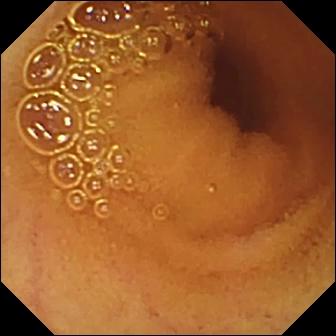Capsule endoscopy view showing normal clean mucosa.